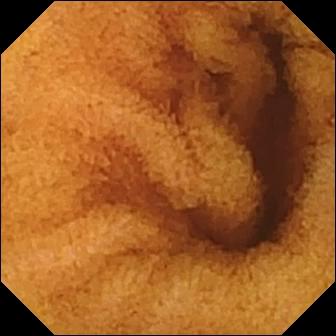PROCEDURE: VCE.
SEGMENT: Small intestine.
FINDINGS: Normal clean mucosa.